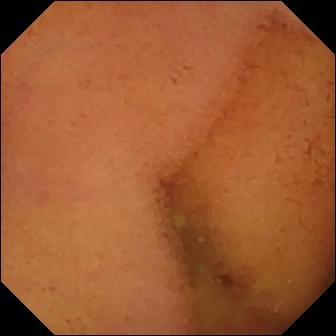modality: VCE
segment: small bowel
impression: normal clean mucosa